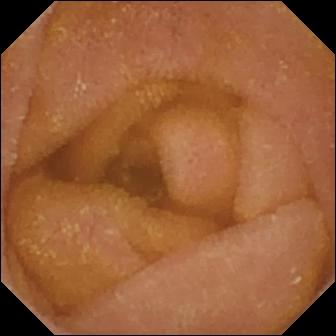Normal clean mucosa — capsule endoscopy image of the small bowel.